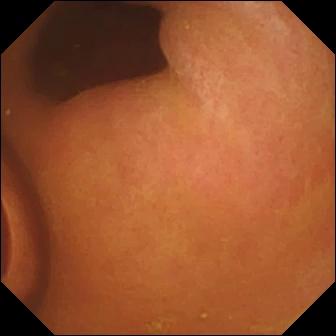{"modality": "capsule endoscopy", "category": "luminal finding", "finding": "foreign body (e.g. retained capsule, tablet residue)"}